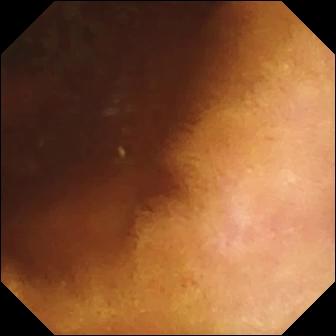Small-bowel capsule endoscopy snapshot (small intestine). Normal clean mucosa.